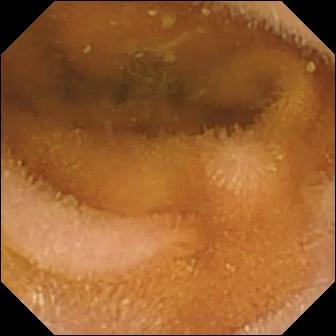Video capsule endoscopy still of the small bowel showing normal clean mucosa.